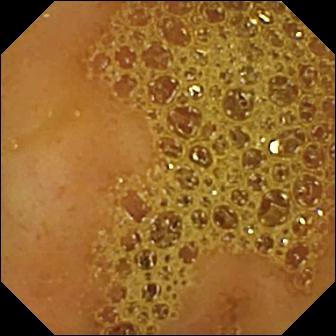VCE snapshot. Taken in the ileo-cecal valve region (the transition from the small bowel to the large bowel).